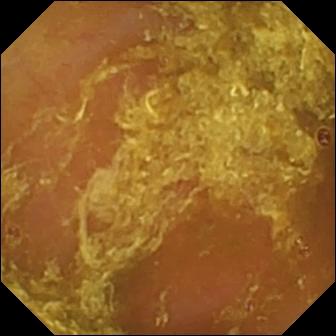- modality: wireless capsule endoscopy
- segment: small intestine
- category: luminal finding
- label: reduced mucosal view (content or bubbles obscuring the mucosa)